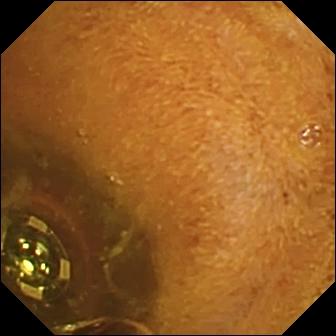Wireless capsule endoscopy snapshot showing foreign body (e.g. retained capsule, tablet residue).